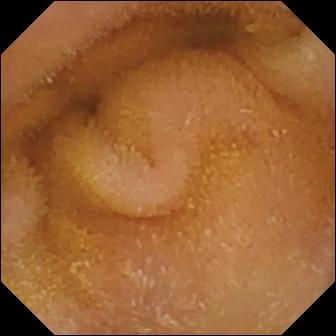{"modality": "wireless capsule endoscopy", "segment": "small bowel", "finding": "normal clean mucosa"}